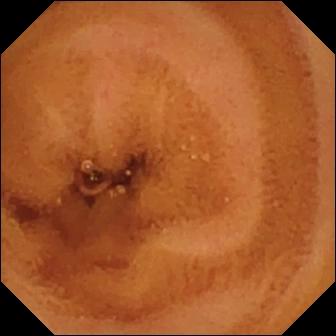Normal clean mucosa.